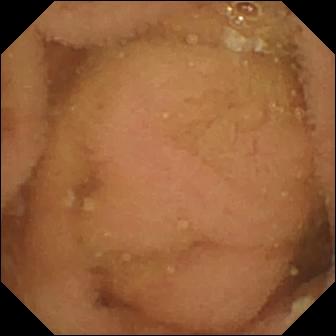Small-bowel capsule endoscopy snapshot. Normal clean mucosa.